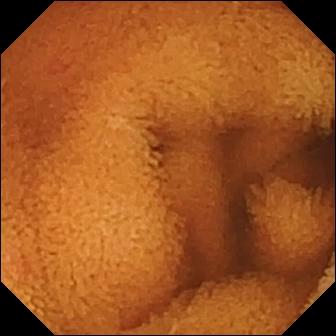Normal clean mucosa — wireless capsule endoscopy image of the small intestine.